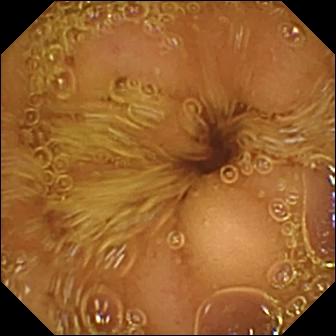PROCEDURE: WCE.
FINDINGS: Normal clean mucosa.